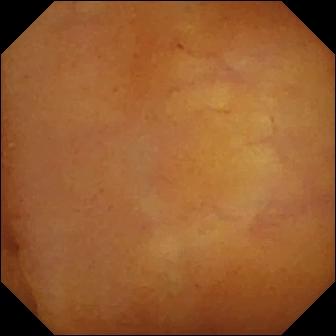Capsule endoscopy frame, small intestine
Observation: normal clean mucosa